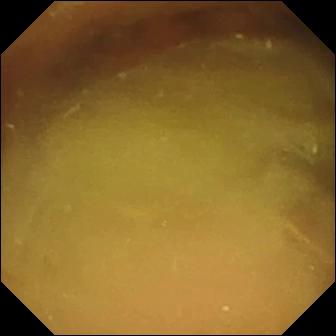modality: WCE
segment: small intestine
impression: normal clean mucosa